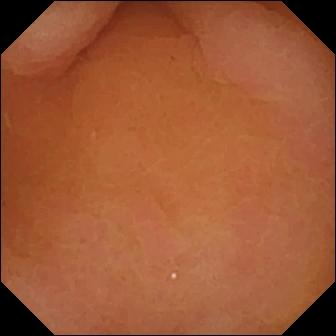VCE — pylorus region (the junction between the stomach and the small bowel).